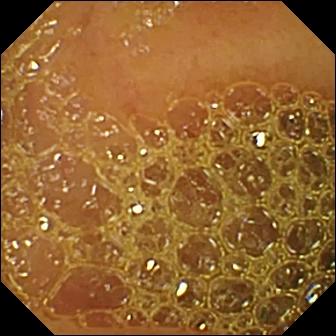PROCEDURE: Video capsule endoscopy.
FINDINGS: Reduced mucosal view (content or bubbles obscuring the mucosa).